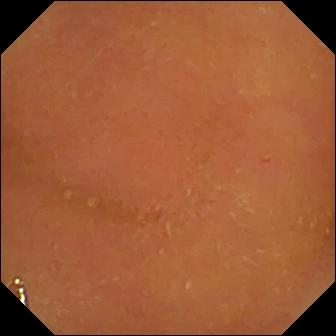Capsule endoscopy. Small bowel. Impression: normal clean mucosa.